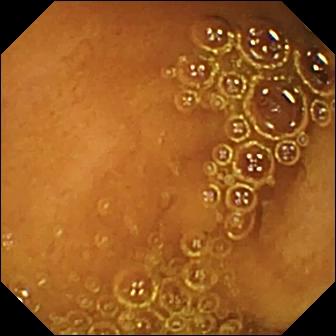Capsule endoscopy. Observation: normal clean mucosa.